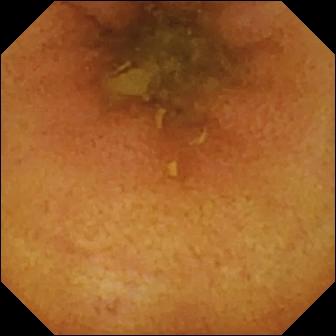PROCEDURE: Wireless capsule endoscopy.
FINDINGS: Normal clean mucosa.